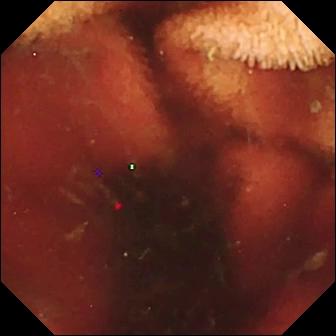{"modality": "WCE", "category": "luminal finding", "finding": "fresh blood in the lumen"}